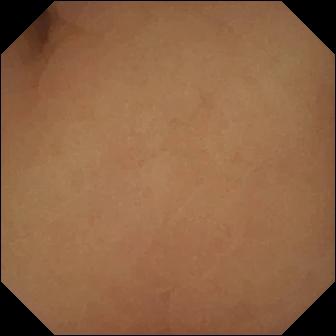Video capsule endoscopy. Near an anatomical landmark. Label: pylorus region (where the capsule passes from the stomach into the small bowel).